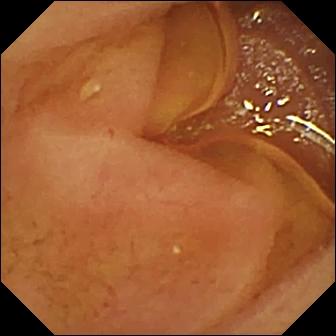Normal clean mucosa — wireless capsule endoscopy view.